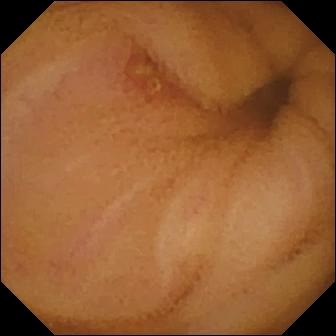Ulcer.